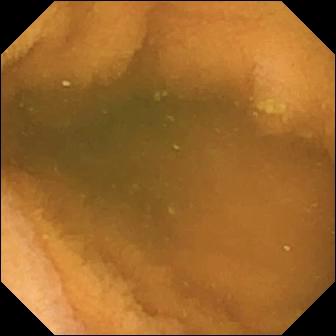- modality: VCE
- segment: small intestine
- category: luminal finding
- finding: normal clean mucosa